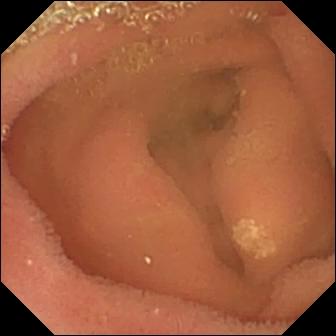Q: What does this small-bowel capsule endoscopy snapshot show?
A: Lymphangiectasia.